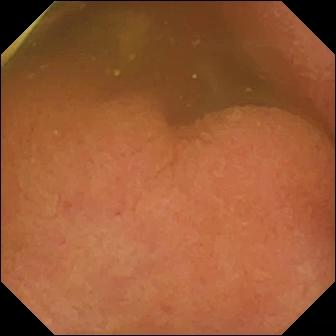Foreign body (e.g. retained capsule, tablet residue).